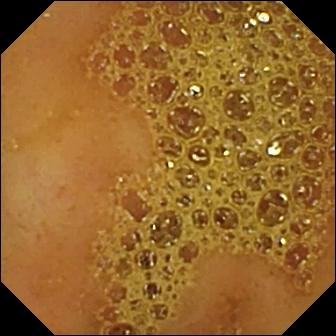- modality: video capsule endoscopy
- video segment: ileo-cecal valve region (where the capsule passes from the small bowel into the large bowel)